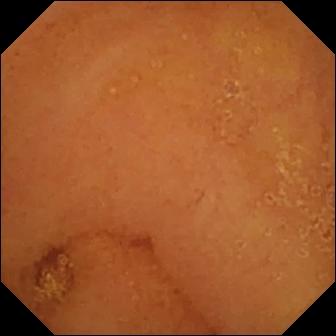PROCEDURE: Capsule endoscopy.
SEGMENT: Small intestine.
FINDINGS: Normal clean mucosa.